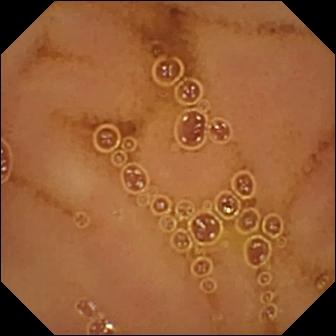Wireless capsule endoscopy image
Impression: normal clean mucosa